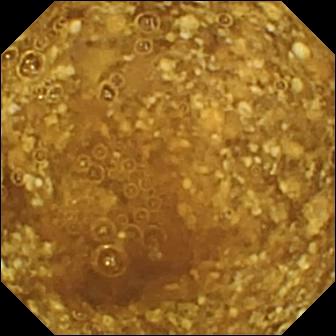This WCE image of the small bowel shows reduced mucosal view (content or bubbles obscuring the mucosa).